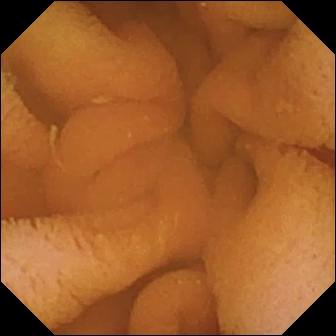modality: small-bowel capsule endoscopy
label: normal clean mucosa